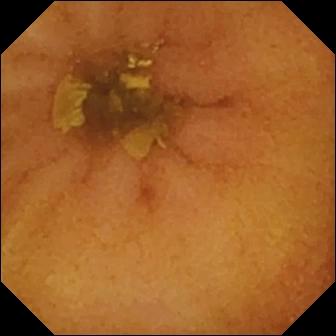Video capsule endoscopy frame of the small intestine showing normal clean mucosa.